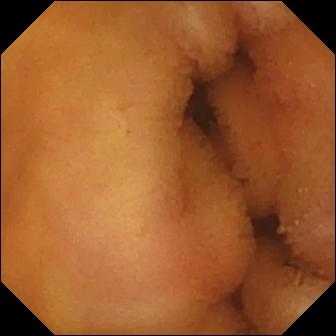modality: small-bowel capsule endoscopy; segment: small intestine; observation: normal clean mucosa